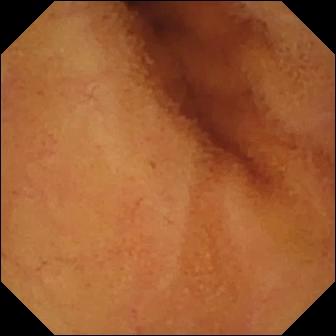Normal clean mucosa.